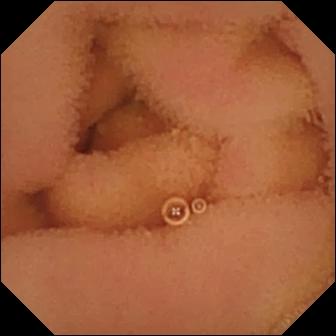PROCEDURE: Wireless capsule endoscopy.
FINDINGS: Normal clean mucosa.